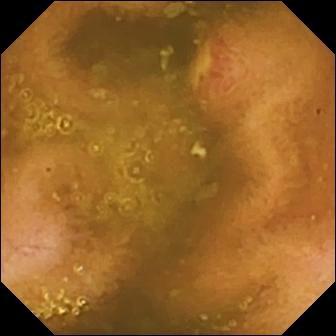WCE frame
Label: ulcer